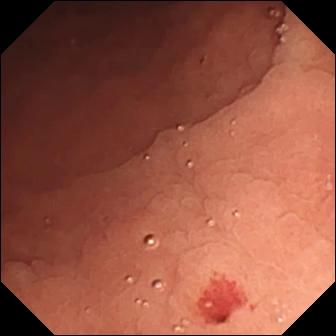Wireless capsule endoscopy image showing angiectasia.